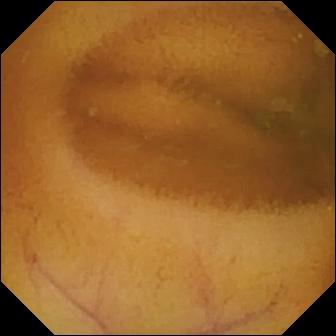{"modality": "WCE", "segment": "small intestine", "category": "luminal finding", "finding": "normal clean mucosa"}